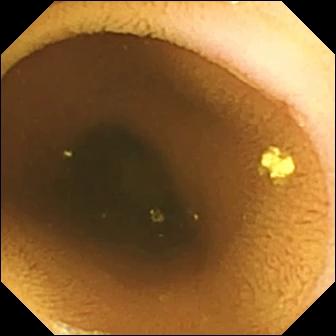{"modality": "video capsule endoscopy", "finding": "normal clean mucosa"}